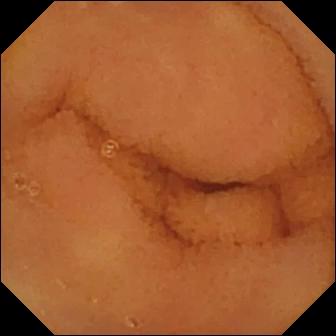Small-bowel capsule endoscopy frame showing normal clean mucosa.